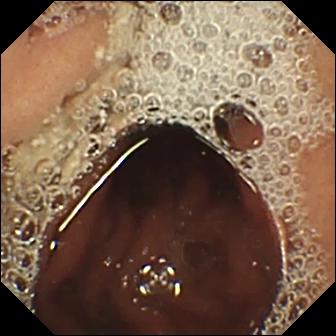VCE image. Taken in the pylorus region (where the capsule passes from the stomach into the small bowel).